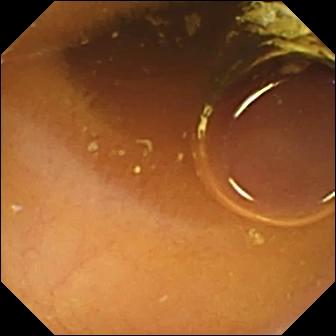Normal clean mucosa (336×336).